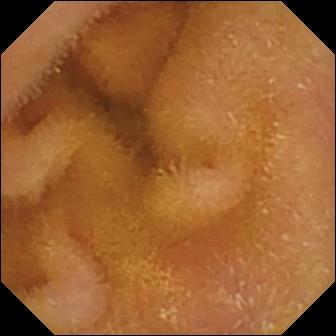Capsule endoscopy view showing normal clean mucosa.